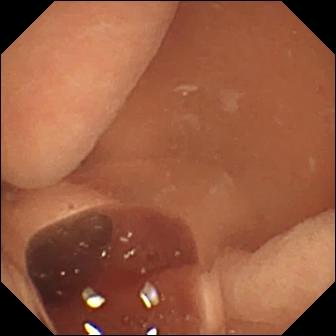Normal clean mucosa — video capsule endoscopy frame.